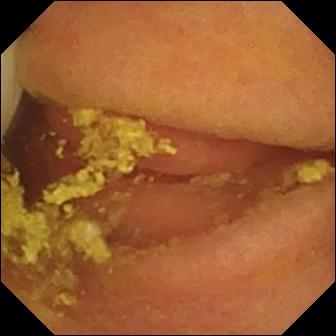This wireless capsule endoscopy view shows foreign body (e.g. retained capsule, tablet residue).